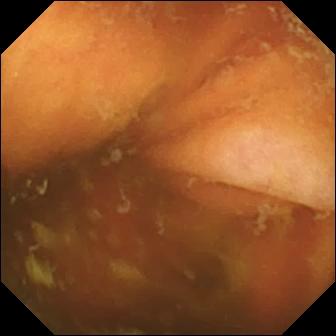WCE — ileo-cecal valve region.